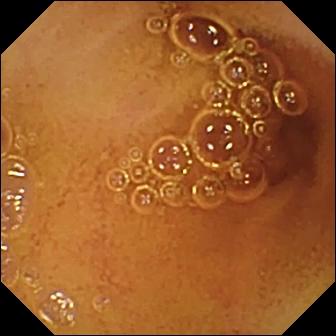{"modality": "VCE", "segment": "small intestine", "finding": "normal clean mucosa"}